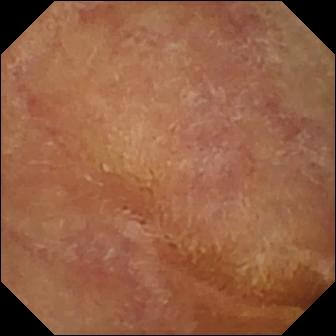Normal clean mucosa — WCE view of the small bowel.